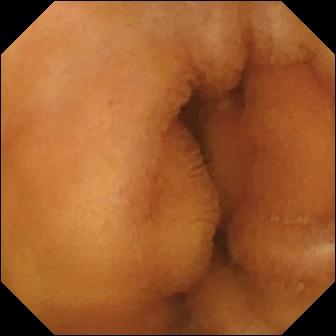modality: capsule endoscopy | impression: normal clean mucosa